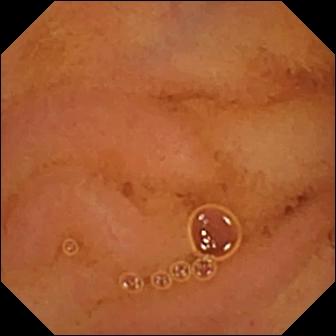PROCEDURE: Video capsule endoscopy.
SEGMENT: Small bowel.
FINDINGS: Normal clean mucosa.